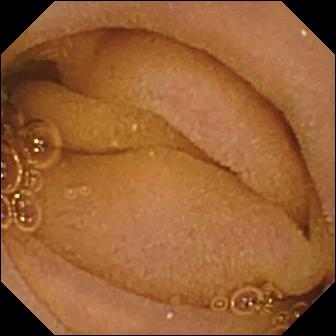Capsule endoscopy — normal clean mucosa.